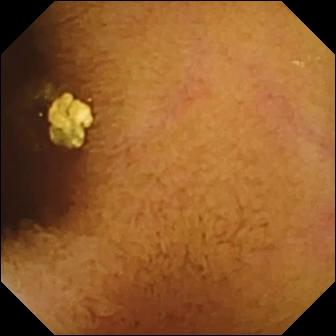Wireless capsule endoscopy — normal clean mucosa.